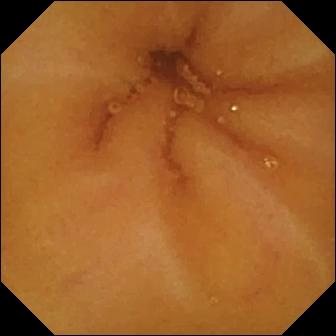Normal clean mucosa.